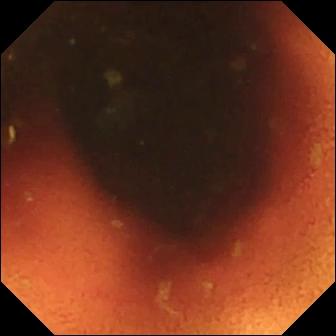Video capsule endoscopy snapshot. Taken in the ileo-cecal valve region (the transition from the small bowel to the large bowel).